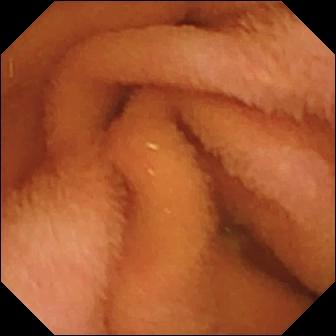{"modality": "WCE", "segment": "small intestine", "finding": "normal clean mucosa"}